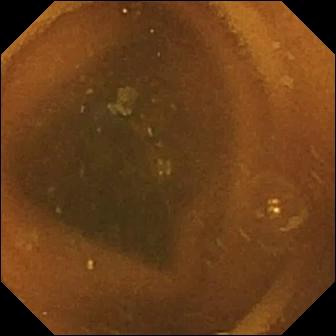This WCE frame of the small intestine shows normal clean mucosa.